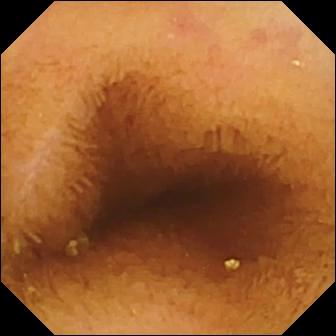Normal clean mucosa.